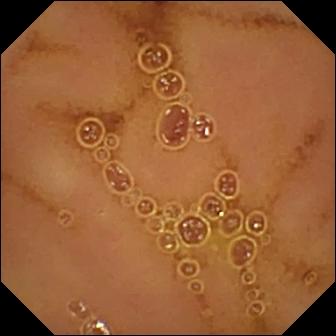{"modality": "small-bowel capsule endoscopy", "segment": "small bowel", "finding": "normal clean mucosa"}